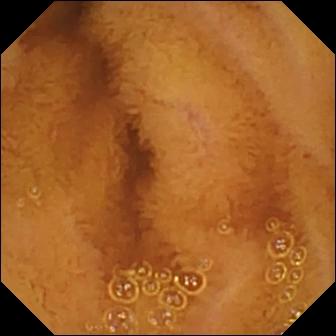Small-bowel capsule endoscopy. Small intestine. Label: normal clean mucosa.